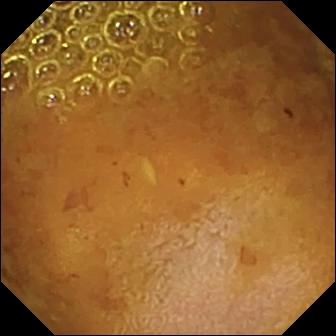Reduced mucosal view (content or bubbles obscuring the mucosa) — VCE view.